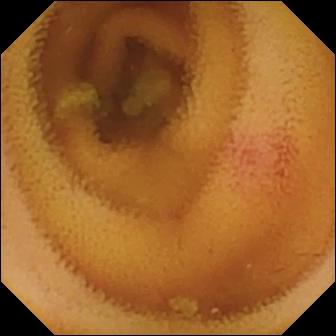This small-bowel capsule endoscopy view shows angiectasia.